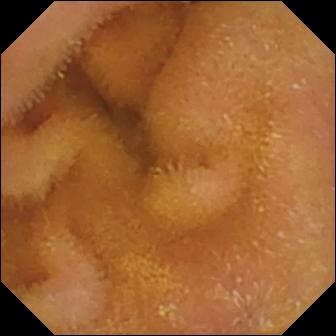Wireless capsule endoscopy snapshot showing normal clean mucosa.